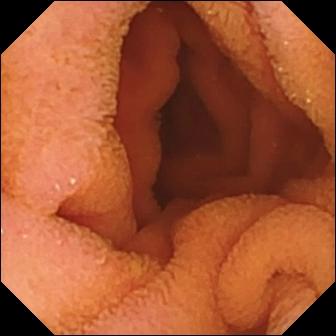Normal clean mucosa — video capsule endoscopy snapshot of the small intestine.